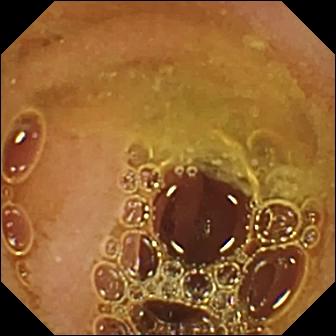PROCEDURE: Capsule endoscopy.
SEGMENT: Small bowel.
FINDINGS: Normal clean mucosa.